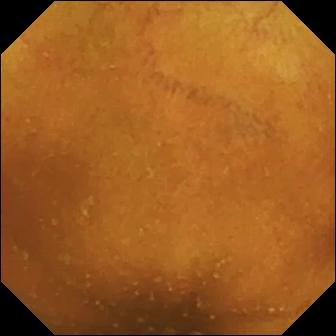WCE view. Normal clean mucosa.